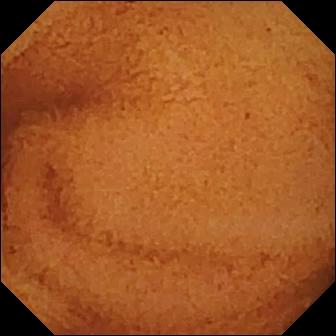VCE — normal clean mucosa.